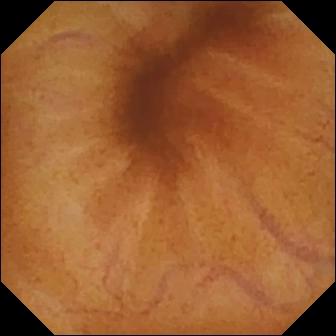PROCEDURE: Video capsule endoscopy.
SEGMENT: Small intestine.
FINDINGS: Normal clean mucosa.